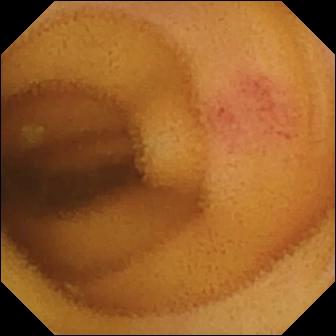Q: What does this video capsule endoscopy snapshot show?
A: Angiectasia.